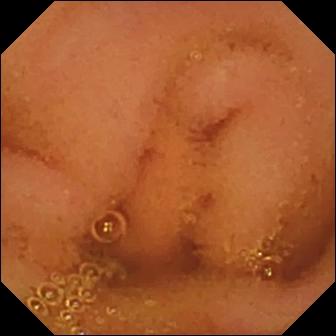Small-bowel capsule endoscopy. Small intestine. Luminal finding. Finding: normal clean mucosa.